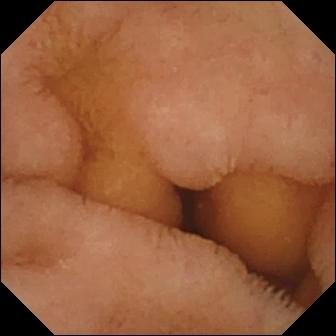Video capsule endoscopy frame
Observation: normal clean mucosa